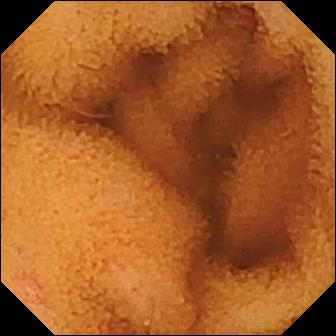Capsule endoscopy still (small bowel). Normal clean mucosa.